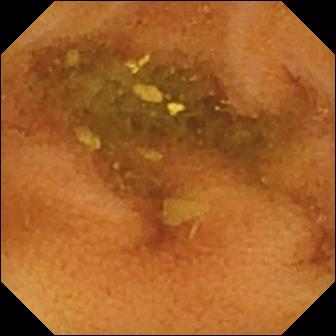- modality: video capsule endoscopy
- segment: small intestine
- category: luminal finding
- impression: normal clean mucosa